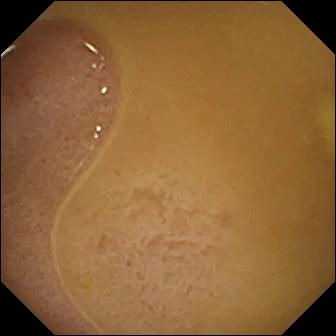modality: video capsule endoscopy | video segment: ileo-cecal valve region (where the capsule passes from the small bowel into the large bowel)